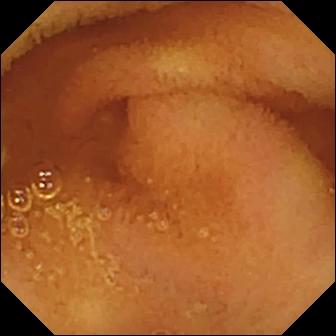Wireless capsule endoscopy — normal clean mucosa.